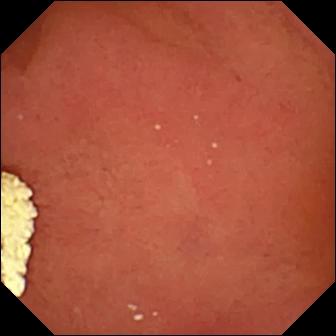{"modality": "small-bowel capsule endoscopy", "position": "pylorus region"}